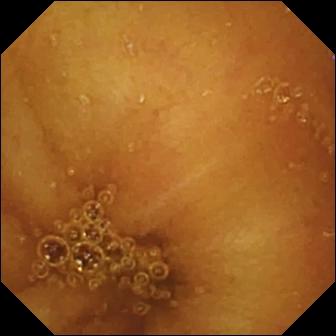Capsule endoscopy snapshot, small bowel
Label: normal clean mucosa